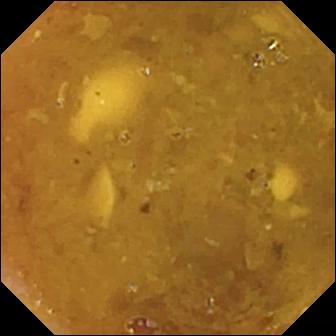Q: What does this capsule endoscopy still of the small intestine show?
A: Reduced mucosal view (content or bubbles obscuring the mucosa).